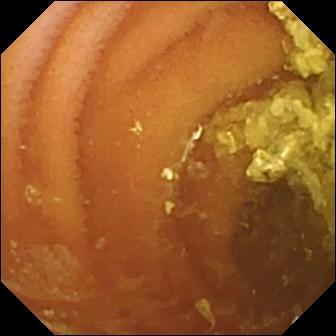{"modality": "capsule endoscopy", "finding": "normal clean mucosa"}